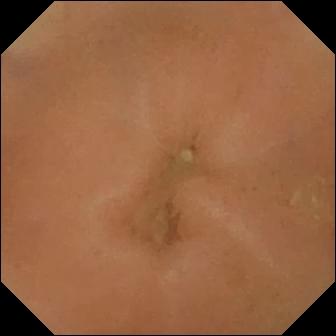modality: WCE | observation: normal clean mucosa